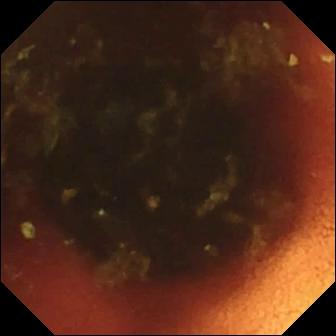Ileo-cecal valve region (the transition from the small bowel to the large bowel), 336×336.